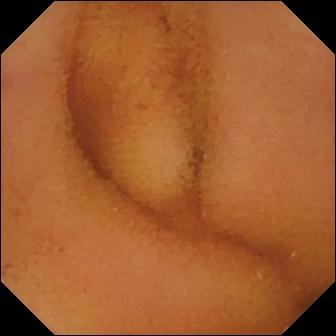Capsule endoscopy. Small bowel. Luminal finding. Impression: normal clean mucosa.